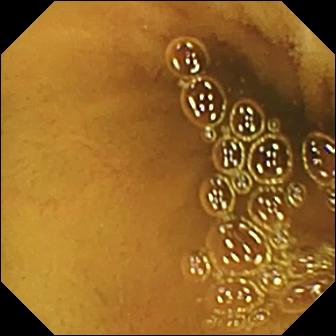This VCE image of the small intestine shows normal clean mucosa.